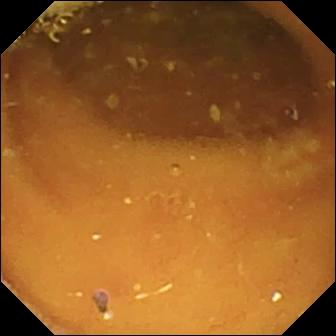VCE still
Video segment: pylorus region